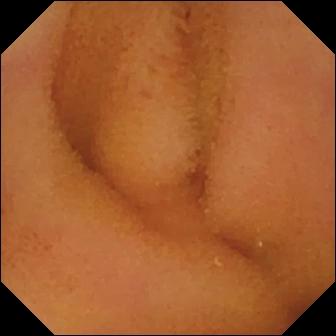PROCEDURE: Small-bowel capsule endoscopy.
FINDINGS: Normal clean mucosa.